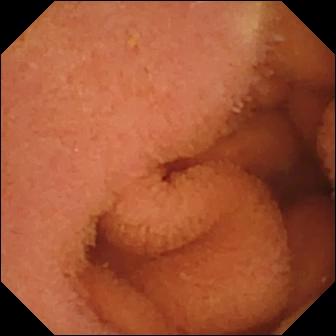PROCEDURE: WCE.
SEGMENT: Small bowel.
FINDINGS: Normal clean mucosa.